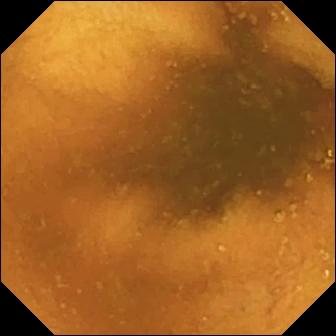Normal clean mucosa.